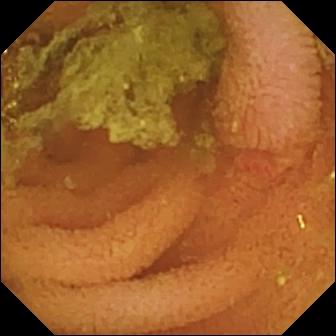Normal clean mucosa.